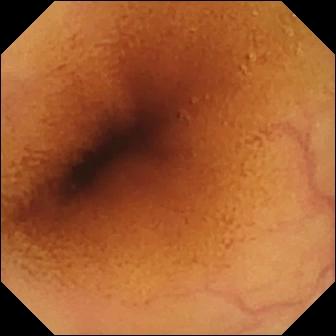Small-bowel capsule endoscopy still showing normal clean mucosa.